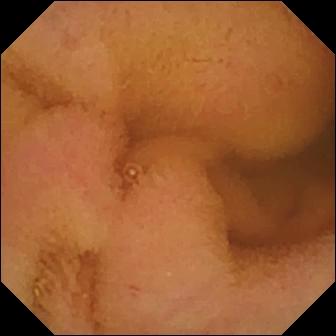Normal clean mucosa.